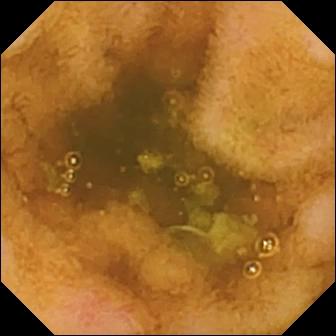Wireless capsule endoscopy still, 336×336. Erosion.